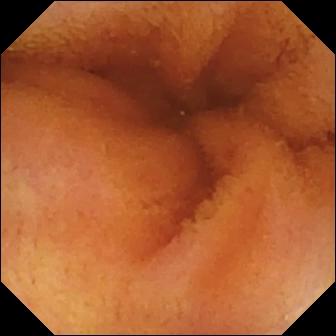- modality: capsule endoscopy
- observation: normal clean mucosa